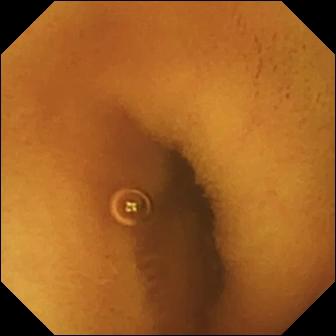Q: What does this wireless capsule endoscopy view show?
A: Normal clean mucosa.